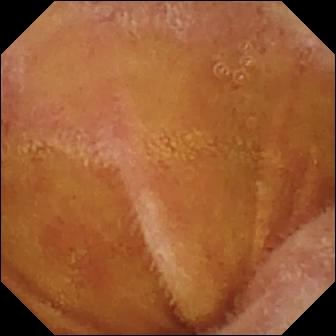PROCEDURE: Wireless capsule endoscopy.
SEGMENT: Small bowel.
FINDINGS: Normal clean mucosa.